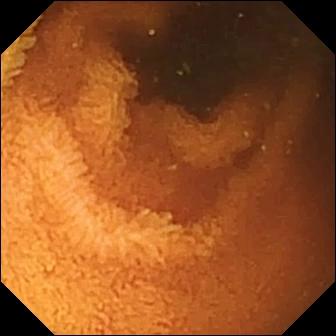Normal clean mucosa — video capsule endoscopy still.